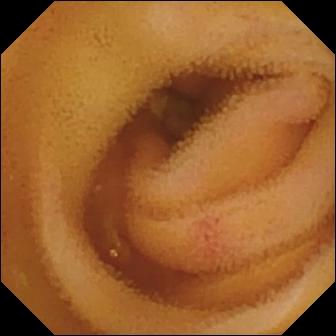modality: small-bowel capsule endoscopy | finding: angiectasia